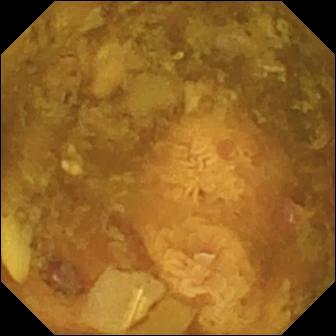Reduced mucosal view (content or bubbles obscuring the mucosa).